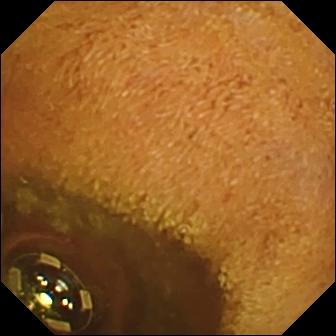- modality: WCE
- finding: foreign body (e.g. retained capsule, tablet residue)